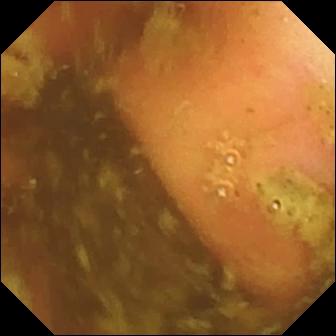Ileo-cecal valve region (where the capsule passes from the small bowel into the large bowel) — WCE snapshot.